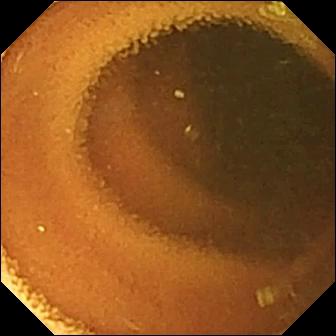PROCEDURE: Wireless capsule endoscopy.
FINDINGS: Normal clean mucosa.